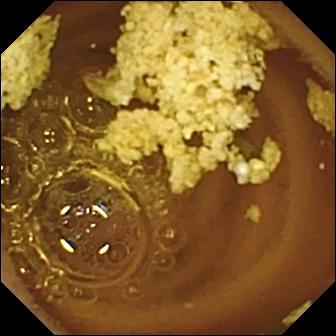modality: capsule endoscopy
label: normal clean mucosa